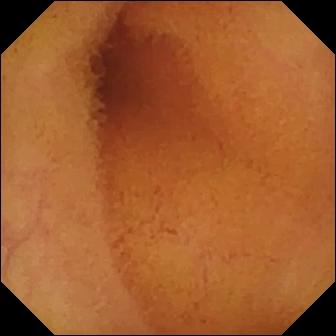- modality: VCE
- category: luminal finding
- observation: normal clean mucosa